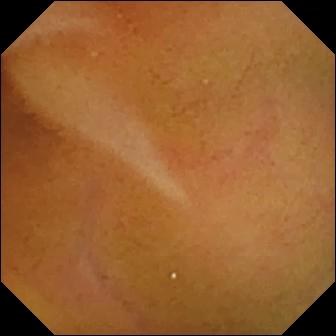{"modality": "small-bowel capsule endoscopy", "segment": "small intestine", "finding": "normal clean mucosa"}